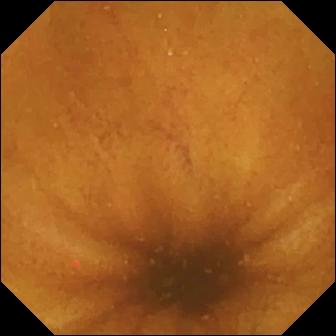Q: What does this capsule endoscopy view of the small bowel show?
A: Normal clean mucosa.